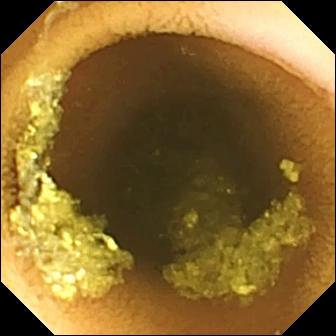Normal clean mucosa.